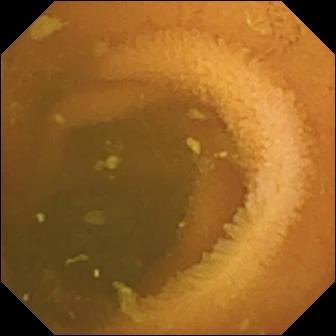Normal clean mucosa (336×336).